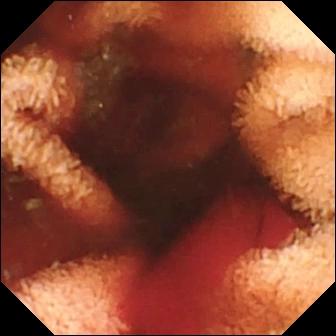Fresh blood in the lumen.